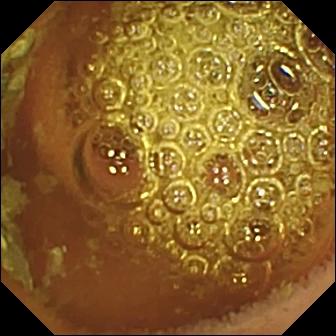PROCEDURE: Video capsule endoscopy.
SEGMENT: Small bowel.
FINDINGS: Normal clean mucosa.